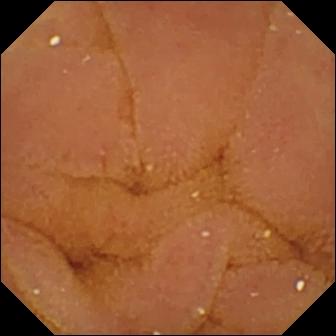This wireless capsule endoscopy view of the small bowel shows normal clean mucosa.